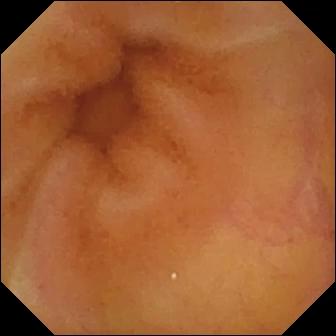Video capsule endoscopy. Luminal finding. Finding: normal clean mucosa.